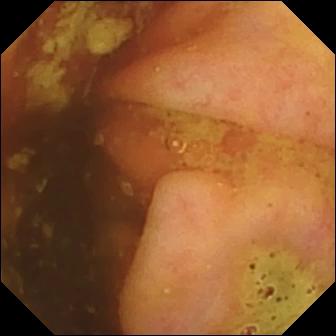Video capsule endoscopy frame taken in the ileo-cecal valve region (where the capsule passes from the small bowel into the large bowel).